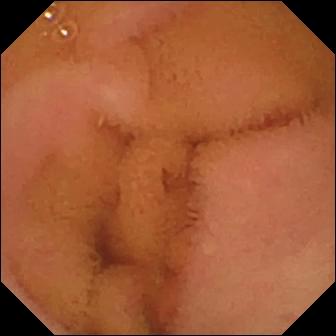Capsule endoscopy frame. Normal clean mucosa.